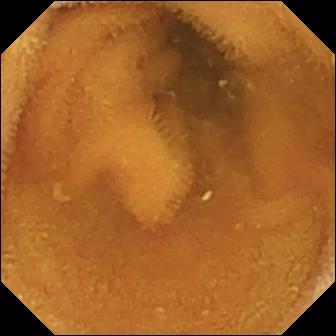modality: capsule endoscopy
label: normal clean mucosa